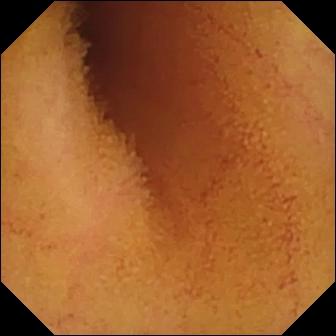Wireless capsule endoscopy snapshot
Impression: normal clean mucosa